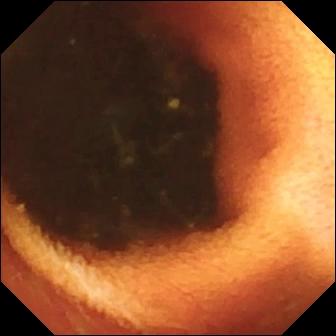Ileo-cecal valve region, 336×336.